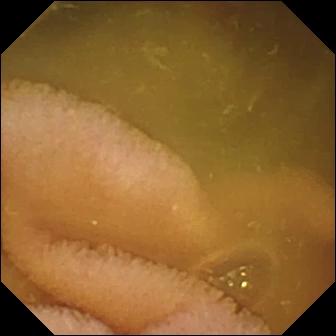modality: video capsule endoscopy
segment: small bowel
category: luminal finding
impression: normal clean mucosa